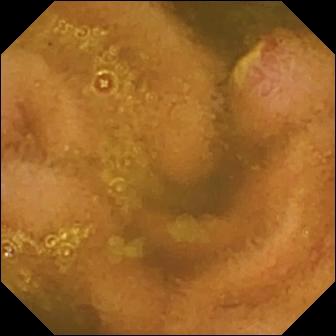Q: What does this video capsule endoscopy still show?
A: Ulcer.